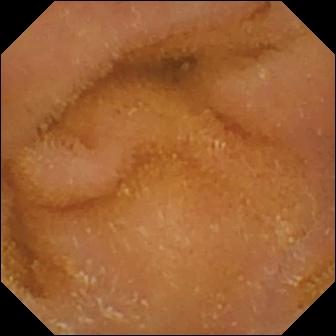Normal clean mucosa.